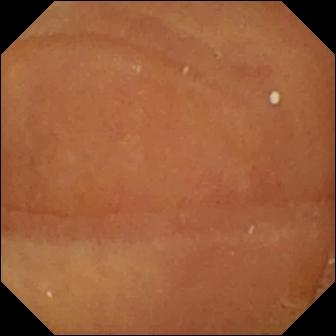PROCEDURE: VCE.
SEGMENT: Small intestine.
FINDINGS: Normal clean mucosa.